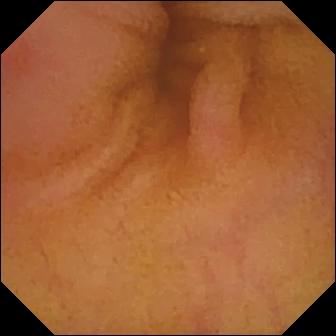Erythema (mucosal redness).